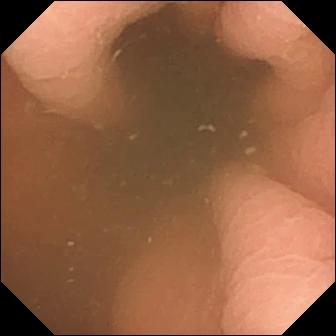{"modality": "VCE", "video_segment": "pylorus region (the junction between the stomach and the small bowel)"}